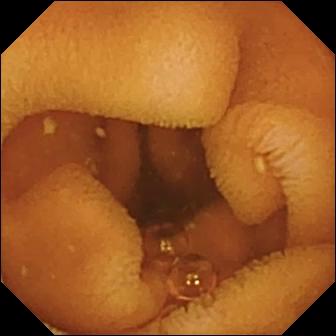VCE — normal clean mucosa.